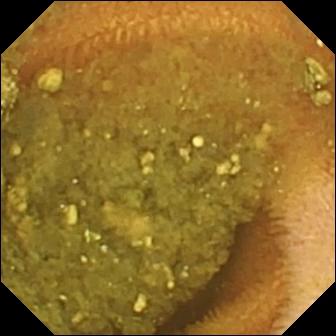This wireless capsule endoscopy image of the small bowel shows reduced mucosal view (content or bubbles obscuring the mucosa).